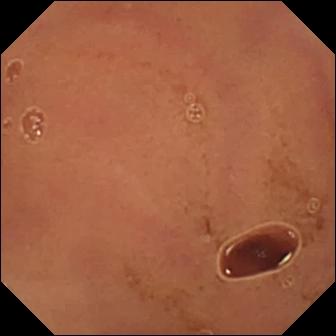modality: capsule endoscopy; label: normal clean mucosa